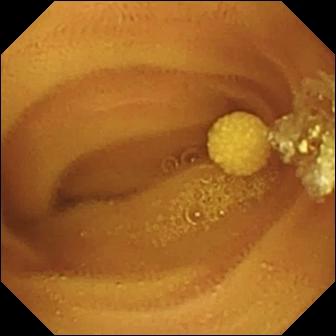Small-bowel capsule endoscopy — lymphangiectasia.